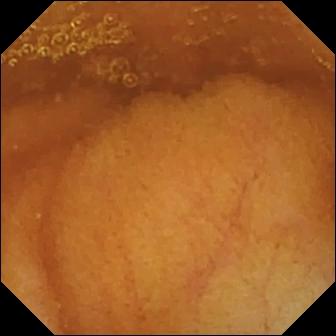Q: What does this WCE snapshot of the small intestine show?
A: Normal clean mucosa.